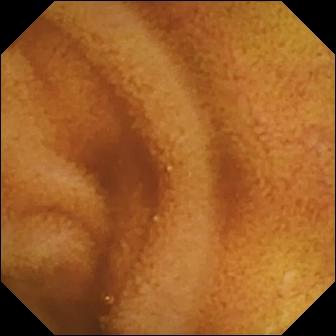Normal clean mucosa.